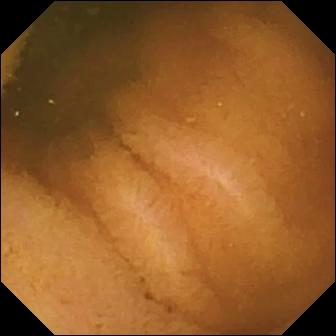- modality: WCE
- segment: small bowel
- finding: normal clean mucosa